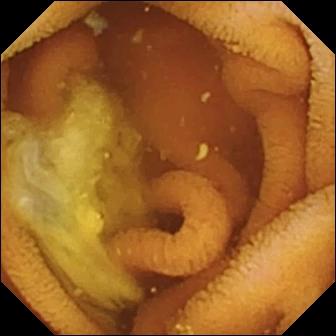Q: What does this WCE snapshot of the small bowel show?
A: Normal clean mucosa.